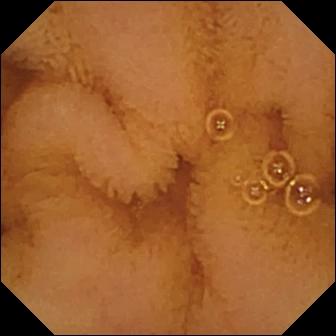Normal clean mucosa — video capsule endoscopy frame.